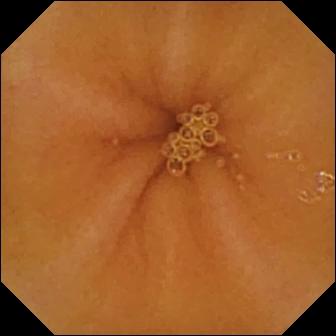This wireless capsule endoscopy image shows normal clean mucosa.